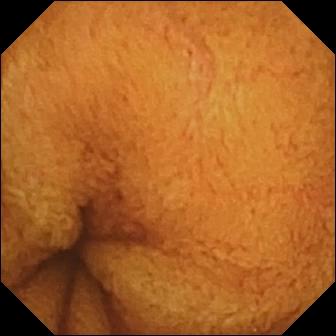Normal clean mucosa — capsule endoscopy image.